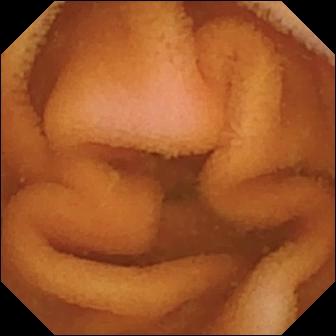This wireless capsule endoscopy image shows normal clean mucosa.